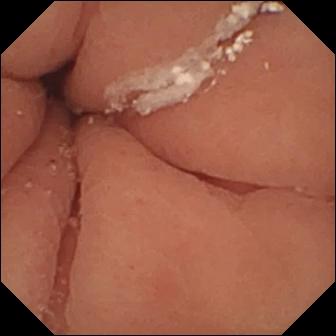- modality: WCE
- category: anatomical landmark
- position: pylorus region (the junction between the stomach and the small bowel)